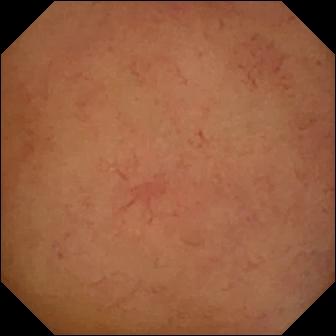Q: What does this wireless capsule endoscopy frame of the small bowel show?
A: Normal clean mucosa.